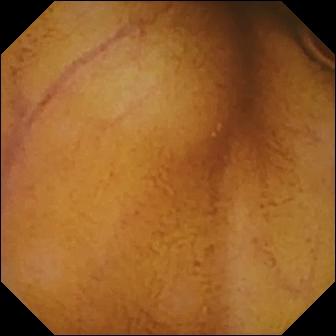PROCEDURE: Capsule endoscopy.
FINDINGS: Normal clean mucosa.